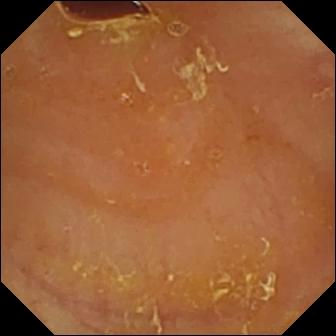Reduced mucosal view (content or bubbles obscuring the mucosa).